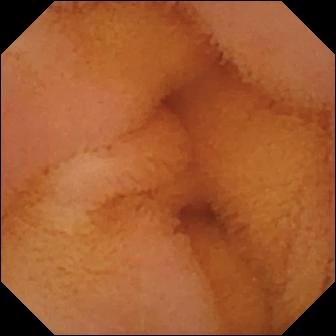Normal clean mucosa — capsule endoscopy frame.